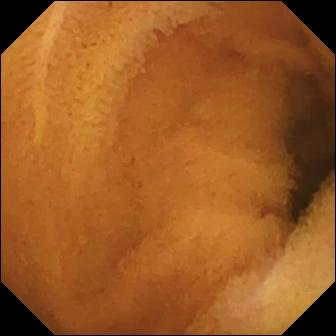Video capsule endoscopy view, small bowel
Finding: normal clean mucosa